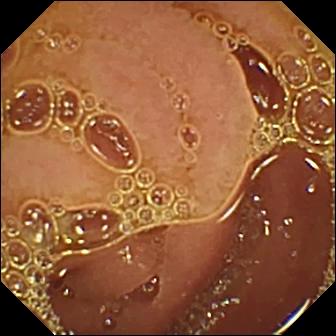Wireless capsule endoscopy — normal clean mucosa.